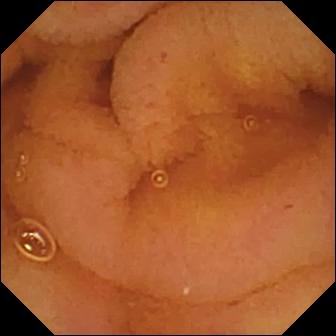Wireless capsule endoscopy. Impression: normal clean mucosa.